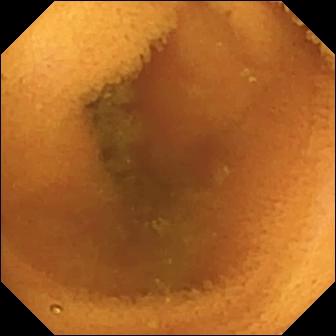VCE — normal clean mucosa.